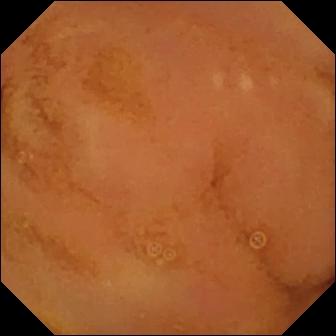{"modality": "WCE", "segment": "small bowel", "finding": "normal clean mucosa"}